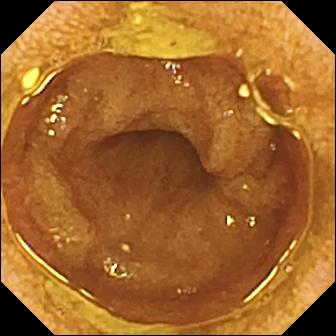Video capsule endoscopy frame
Location: ileo-cecal valve region